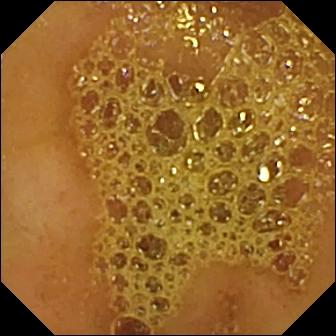PROCEDURE: Wireless capsule endoscopy.
LABEL: Ileo-cecal valve region (where the capsule passes from the small bowel into the large bowel).